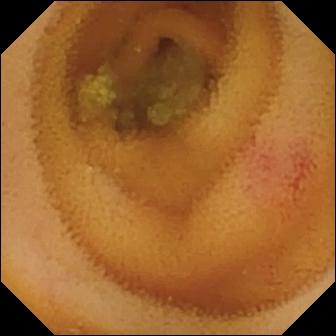modality: VCE | finding: angiectasia